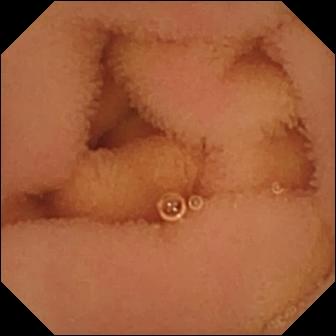PROCEDURE: Capsule endoscopy.
SEGMENT: Small intestine.
FINDINGS: Normal clean mucosa.